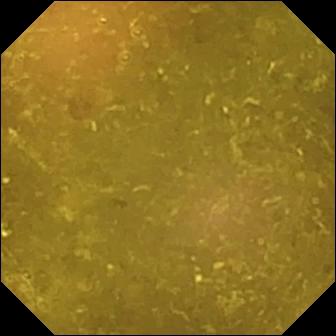Video capsule endoscopy snapshot, small intestine
Label: reduced mucosal view (content or bubbles obscuring the mucosa)